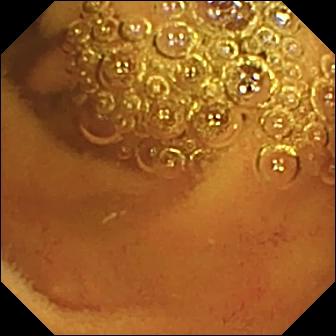Wireless capsule endoscopy — normal clean mucosa.